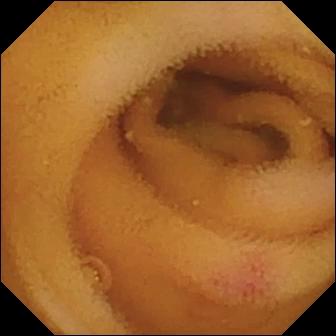- modality: small-bowel capsule endoscopy
- observation: angiectasia